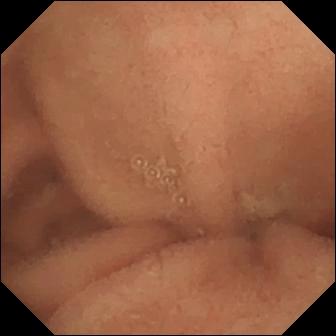WCE view (small intestine). Normal clean mucosa.